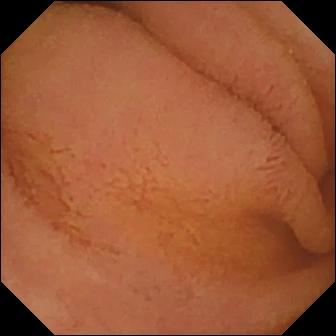PROCEDURE: Wireless capsule endoscopy.
SEGMENT: Small intestine.
FINDINGS: Normal clean mucosa.